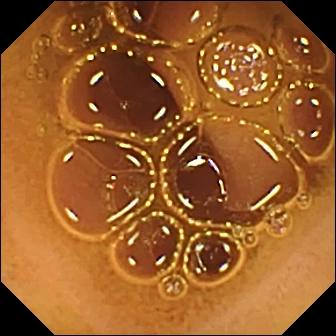- modality: VCE
- segment: small intestine
- observation: normal clean mucosa